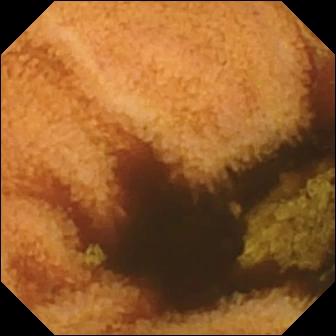PROCEDURE: Small-bowel capsule endoscopy.
FINDINGS: Normal clean mucosa.